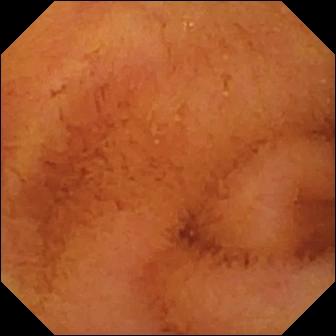WCE still of the small intestine showing normal clean mucosa.